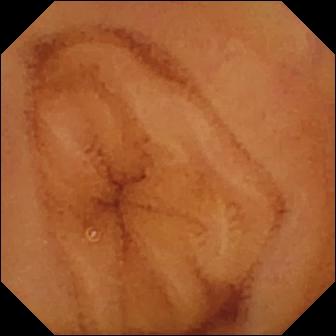This video capsule endoscopy image of the small intestine shows normal clean mucosa.